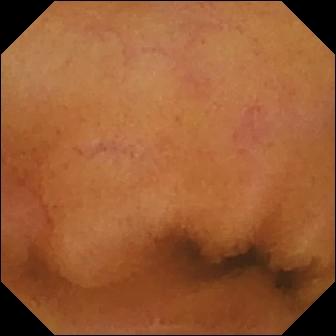Normal clean mucosa.